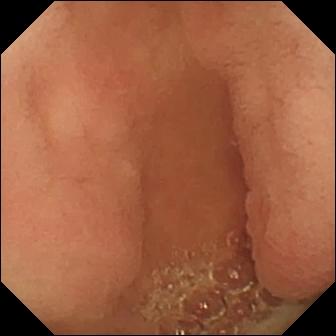{"modality": "wireless capsule endoscopy", "category": "anatomical landmark", "location": "pylorus region (the junction between the stomach and the small bowel)"}